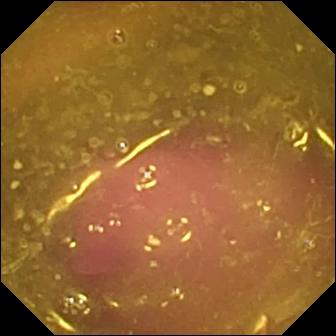PROCEDURE: VCE.
SEGMENT: Small bowel.
FINDINGS: Reduced mucosal view (content or bubbles obscuring the mucosa).